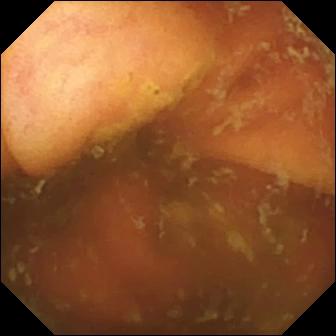Ileo-cecal valve region (the transition from the small bowel to the large bowel) — WCE snapshot.